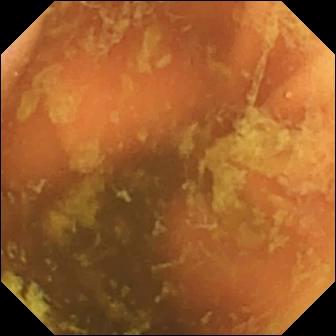Q: Where in the digestive tract was this capsule endoscopy image taken?
A: Ileo-cecal valve region.